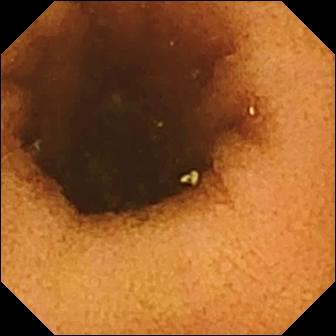WCE. Small intestine. Luminal finding. Finding: normal clean mucosa.